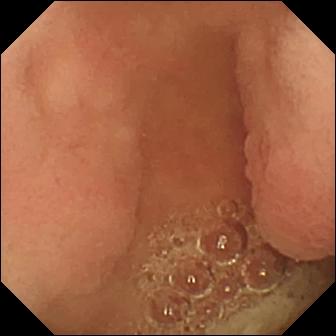Pylorus region (the junction between the stomach and the small bowel) — wireless capsule endoscopy still.